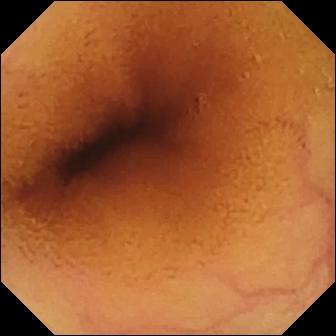Q: What does this VCE view of the small bowel show?
A: Normal clean mucosa.